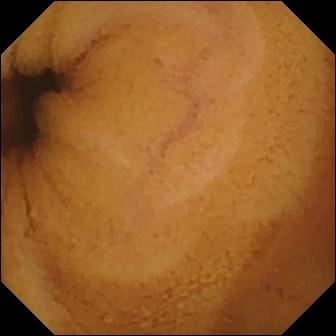This small-bowel capsule endoscopy view shows normal clean mucosa.